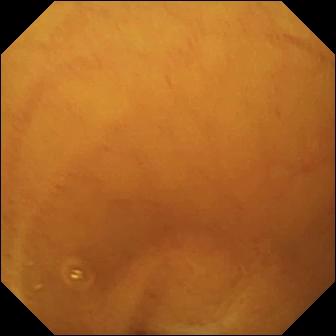Q: What does this small-bowel capsule endoscopy view show?
A: Normal clean mucosa.